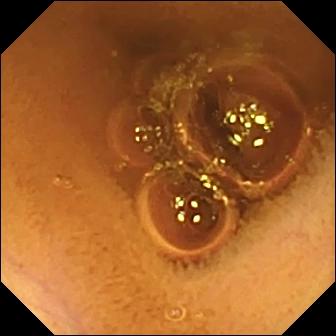Wireless capsule endoscopy. Small intestine. Finding: normal clean mucosa.